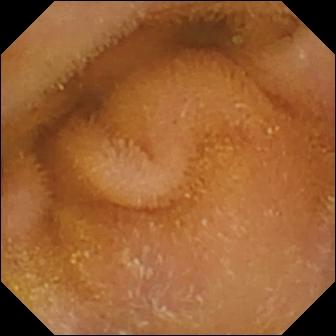modality: video capsule endoscopy | observation: normal clean mucosa